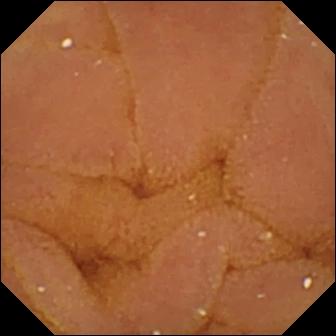VCE — normal clean mucosa.